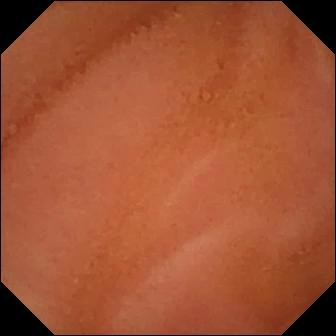Small-bowel capsule endoscopy snapshot. Normal clean mucosa.